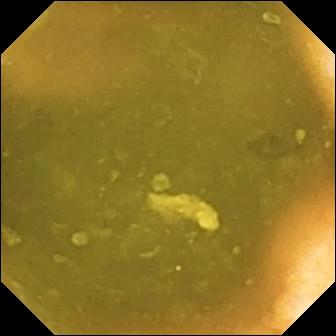Ileo-cecal valve region (the transition from the small bowel to the large bowel).